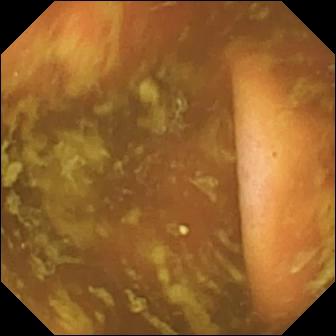Capsule endoscopy. Near an anatomical landmark. Location: ileo-cecal valve region (where the capsule passes from the small bowel into the large bowel).